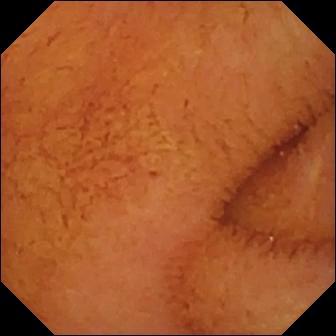VCE still of the small intestine showing normal clean mucosa.